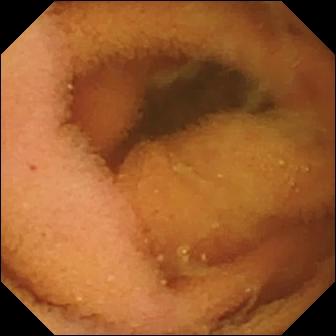This WCE snapshot shows normal clean mucosa.